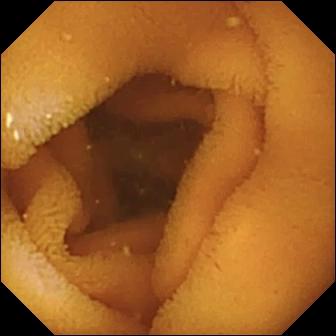Small-bowel capsule endoscopy image (small intestine), 336×336. Normal clean mucosa.